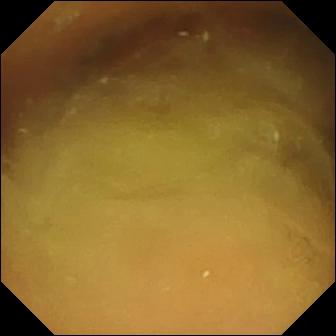WCE still of the small intestine showing normal clean mucosa.